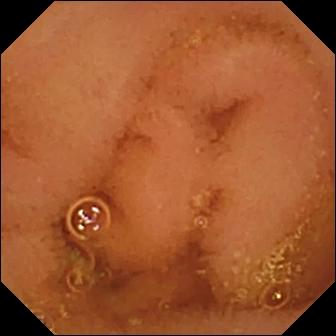This WCE snapshot of the small intestine shows normal clean mucosa.